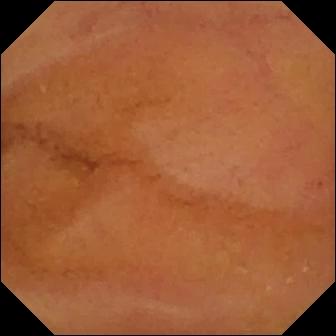{"modality": "small-bowel capsule endoscopy", "finding": "normal clean mucosa"}